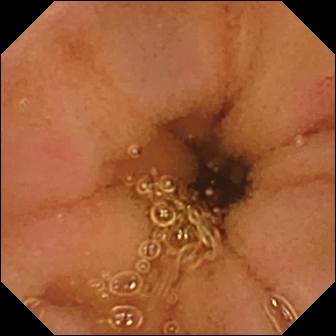VCE image
Observation: normal clean mucosa